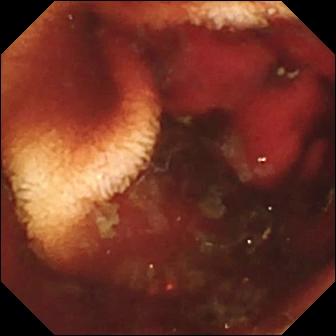VCE. Label: fresh blood in the lumen.